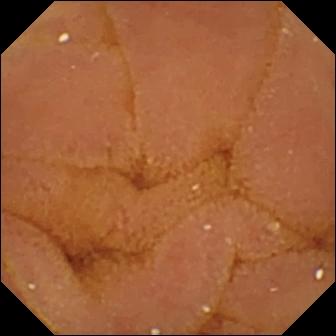Normal clean mucosa — WCE snapshot of the small intestine.